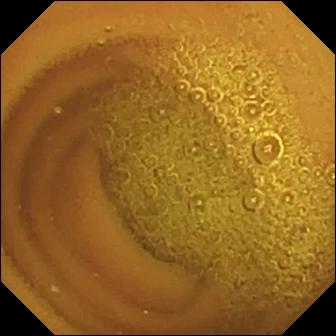PROCEDURE: Wireless capsule endoscopy.
SEGMENT: Small bowel.
FINDINGS: Normal clean mucosa.